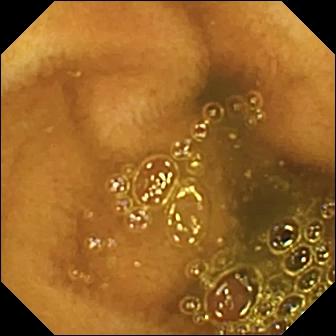WCE image taken in the ileo-cecal valve region.